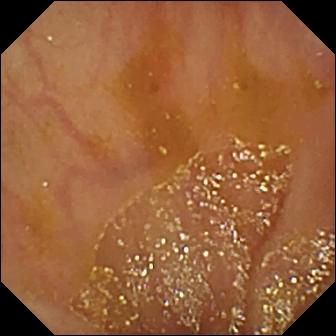VCE. Video segment: ileo-cecal valve region (where the capsule passes from the small bowel into the large bowel).